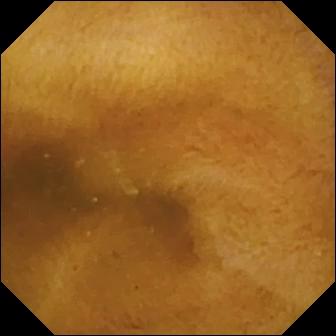Normal clean mucosa — capsule endoscopy still.